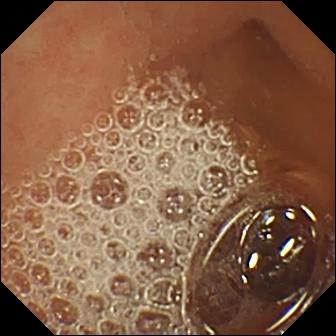modality: capsule endoscopy; label: normal clean mucosa